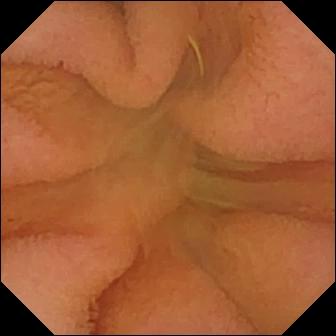Normal clean mucosa.